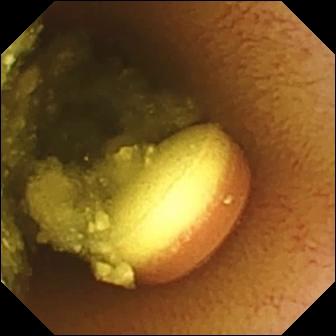Small-bowel capsule endoscopy. Impression: foreign body (e.g. retained capsule, tablet residue).